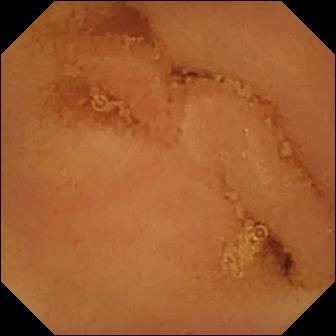Wireless capsule endoscopy — normal clean mucosa.